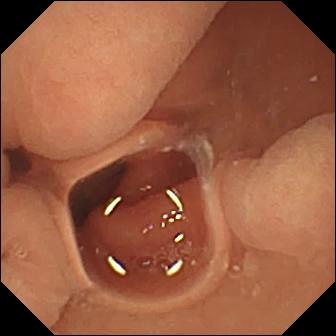This capsule endoscopy frame shows normal clean mucosa.